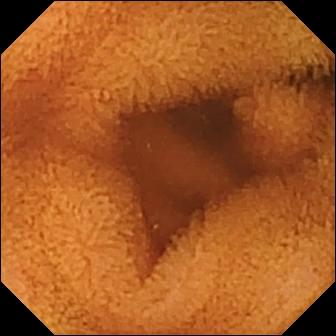WCE. Small bowel. Finding: normal clean mucosa.